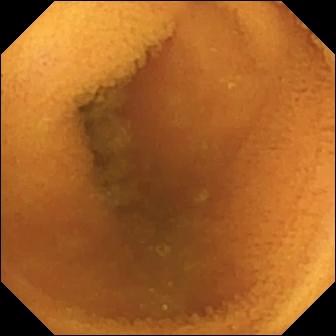VCE view (small bowel). Normal clean mucosa.